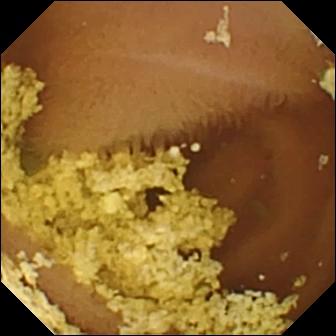Capsule endoscopy. Small bowel. Finding: normal clean mucosa.